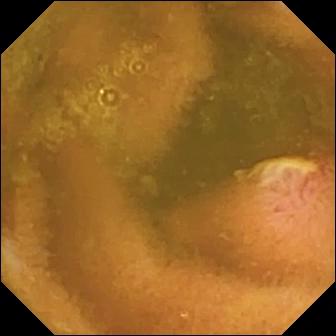- modality: wireless capsule endoscopy
- finding: ulcer